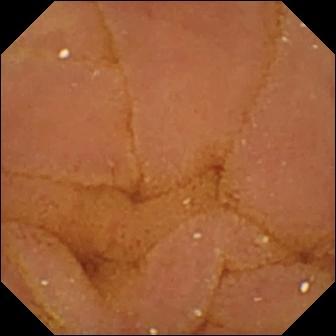PROCEDURE: WCE.
SEGMENT: Small bowel.
FINDINGS: Normal clean mucosa.